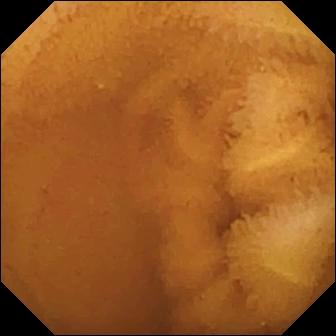- modality: video capsule endoscopy
- observation: normal clean mucosa